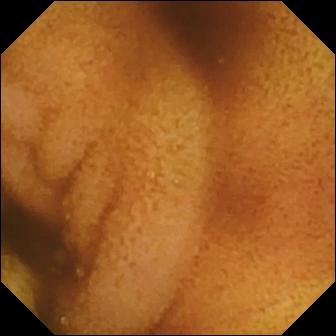WCE snapshot, small bowel
Impression: normal clean mucosa